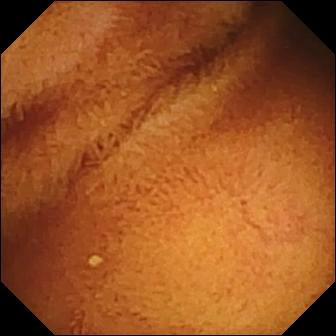This VCE image of the small bowel shows normal clean mucosa.